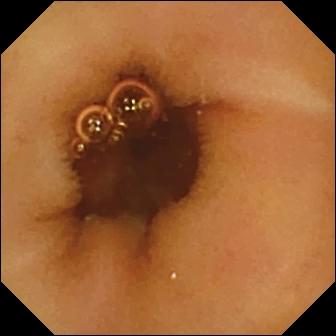PROCEDURE: WCE.
FINDINGS: Normal clean mucosa.